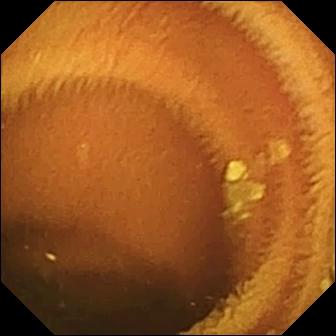modality: small-bowel capsule endoscopy; segment: small bowel; impression: normal clean mucosa